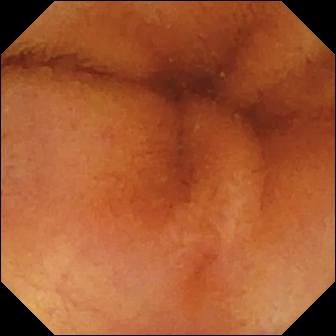Video capsule endoscopy snapshot, small intestine
Finding: normal clean mucosa